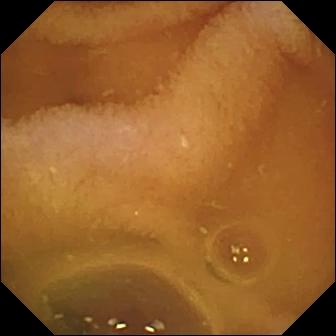{"modality": "wireless capsule endoscopy", "segment": "small bowel", "finding": "normal clean mucosa"}